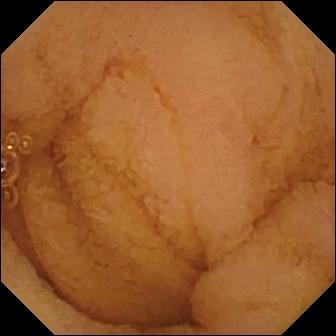Normal clean mucosa.